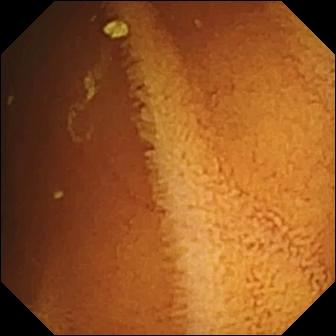Video capsule endoscopy image
Finding: normal clean mucosa